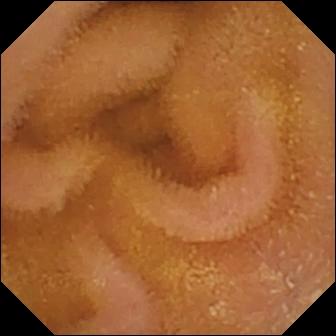modality: video capsule endoscopy; segment: small bowel; impression: normal clean mucosa